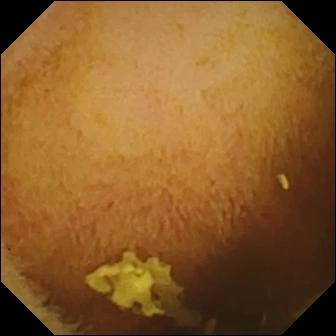Q: What does this wireless capsule endoscopy view show?
A: Normal clean mucosa.